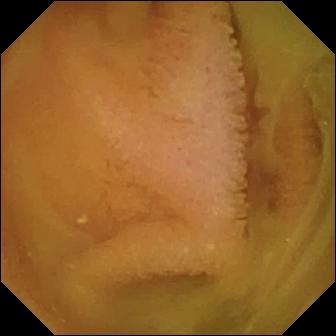This VCE image of the small bowel shows normal clean mucosa.